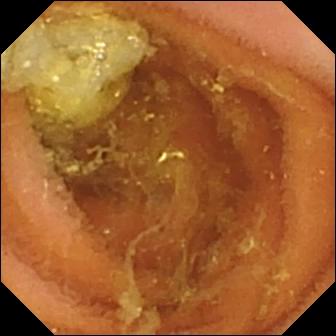Small-bowel capsule endoscopy snapshot (small bowel). Normal clean mucosa.